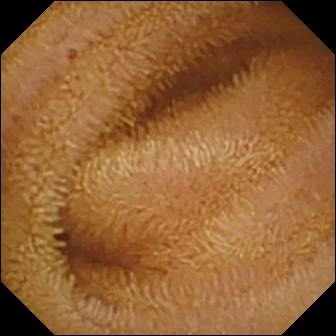Small-bowel capsule endoscopy snapshot showing normal clean mucosa.